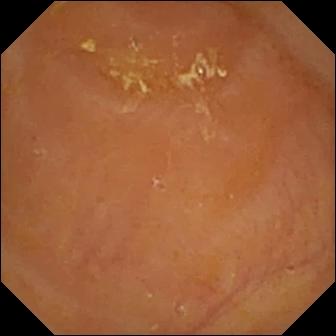Reduced mucosal view (content or bubbles obscuring the mucosa).